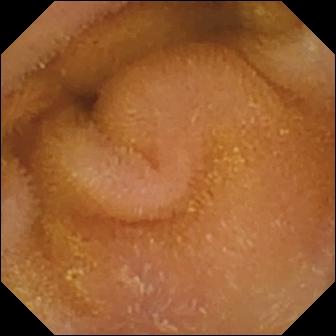- modality: capsule endoscopy
- category: luminal finding
- label: normal clean mucosa